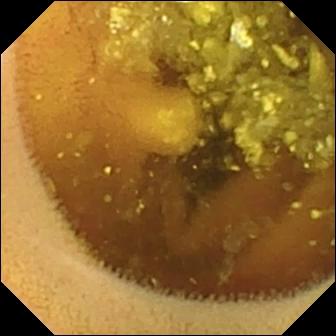Video capsule endoscopy frame
Observation: lymphangiectasia